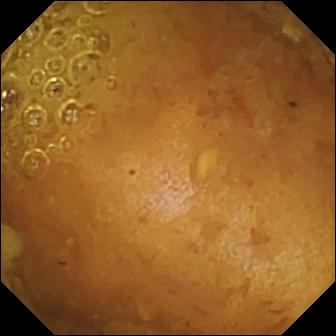VCE frame
Label: reduced mucosal view (content or bubbles obscuring the mucosa)